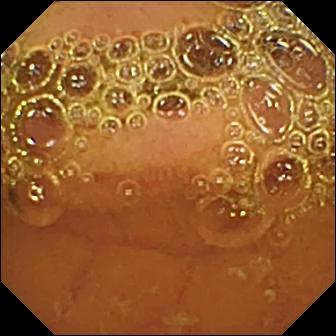Capsule endoscopy image showing normal clean mucosa.